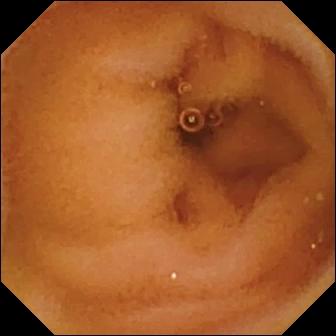VCE — normal clean mucosa.